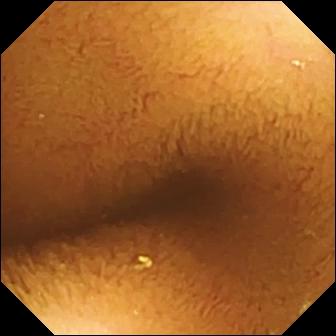Q: What does this capsule endoscopy image of the small intestine show?
A: Normal clean mucosa.